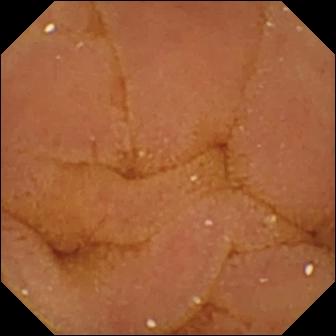- modality: video capsule endoscopy
- category: luminal finding
- impression: normal clean mucosa